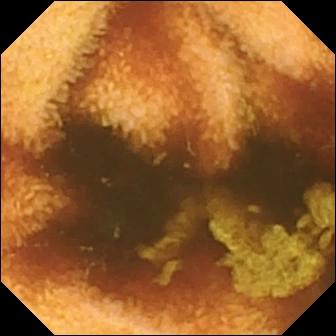VCE snapshot, small bowel
Observation: normal clean mucosa